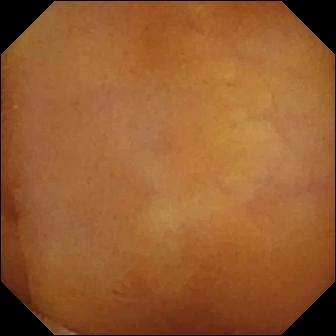- modality: small-bowel capsule endoscopy
- finding: normal clean mucosa